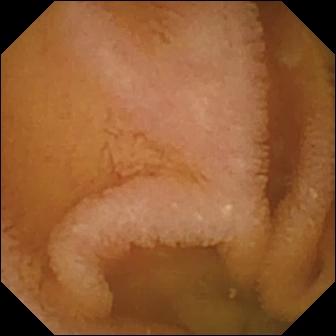modality: wireless capsule endoscopy; segment: small bowel; label: normal clean mucosa